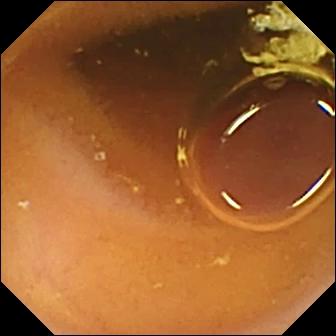Wireless capsule endoscopy view, 336×336. Normal clean mucosa.